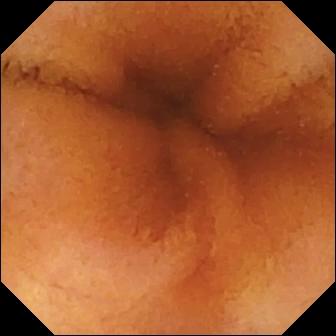{"modality": "WCE", "finding": "normal clean mucosa"}